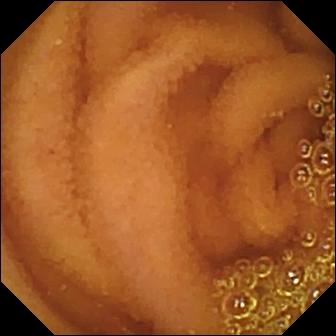This WCE frame shows normal clean mucosa.